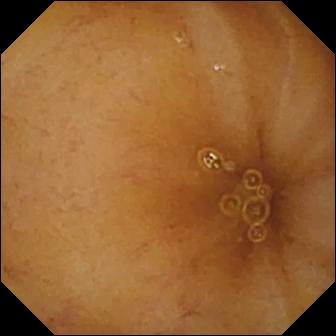Q: Where in the digestive tract was this VCE snapshot taken?
A: Ileo-cecal valve region.